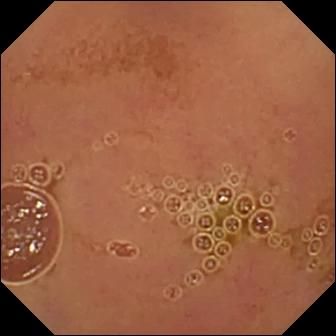modality: wireless capsule endoscopy
segment: small intestine
observation: normal clean mucosa